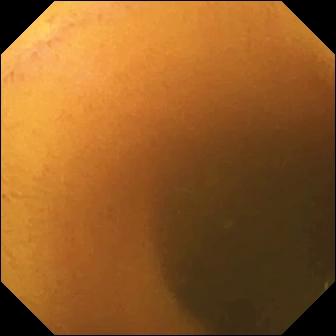{"modality": "VCE", "segment": "small intestine", "finding": "normal clean mucosa"}